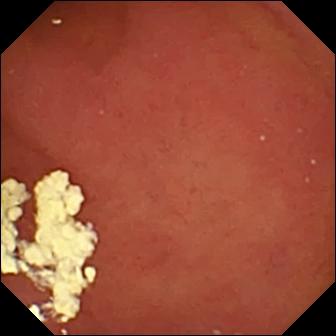Pylorus region (where the capsule passes from the stomach into the small bowel), 336×336.